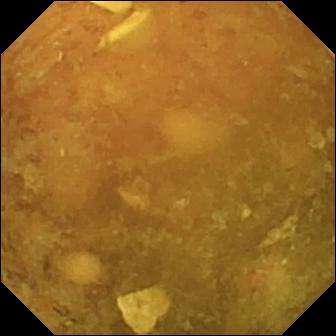Reduced mucosal view (content or bubbles obscuring the mucosa) (336×336).